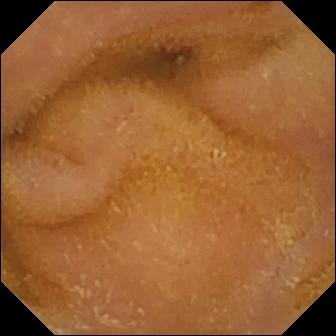{"modality": "wireless capsule endoscopy", "finding": "normal clean mucosa"}